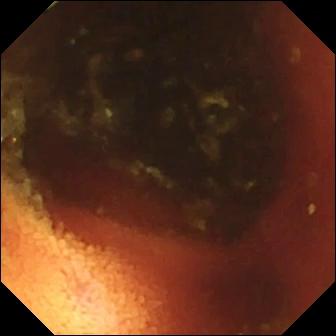Small-bowel capsule endoscopy. Position: ileo-cecal valve region.